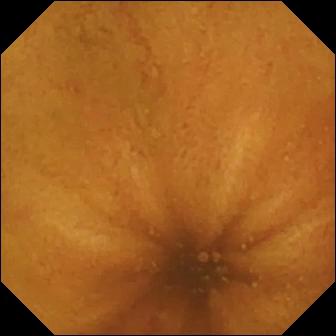Normal clean mucosa — wireless capsule endoscopy frame of the small intestine.